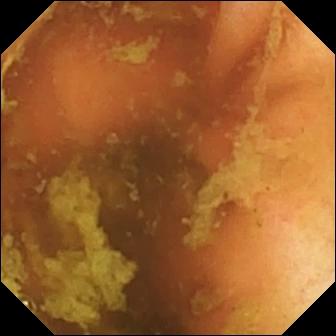Q: Where in the digestive tract was this WCE snapshot taken?
A: Ileo-cecal valve region (where the capsule passes from the small bowel into the large bowel).